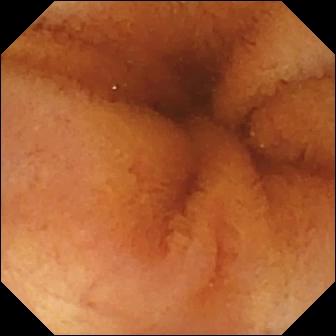{"modality": "video capsule endoscopy", "segment": "small bowel", "finding": "normal clean mucosa"}